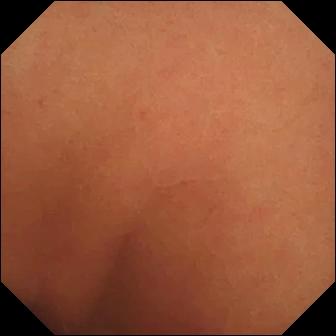Q: What does this small-bowel capsule endoscopy still show?
A: Normal clean mucosa.